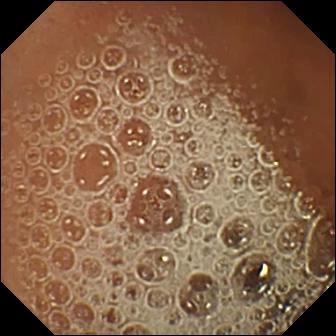Capsule endoscopy. Luminal finding. Finding: normal clean mucosa.